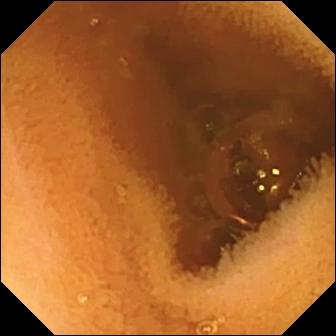PROCEDURE: VCE.
SEGMENT: Small intestine.
FINDINGS: Normal clean mucosa.